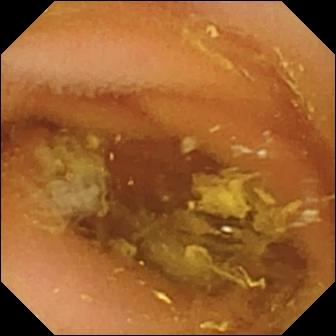Capsule endoscopy frame. Normal clean mucosa.